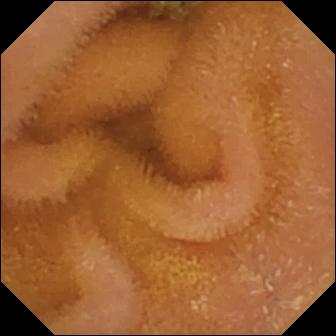- modality: capsule endoscopy
- segment: small intestine
- category: luminal finding
- observation: normal clean mucosa